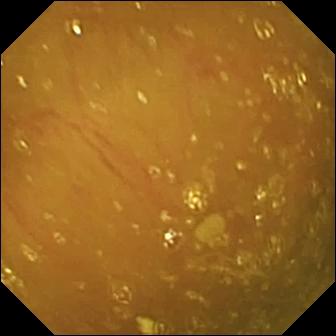Wireless capsule endoscopy — ileo-cecal valve region (the transition from the small bowel to the large bowel).